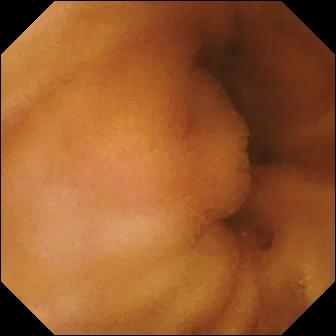This small-bowel capsule endoscopy snapshot shows normal clean mucosa.